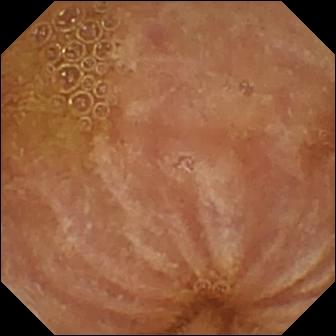Normal clean mucosa.